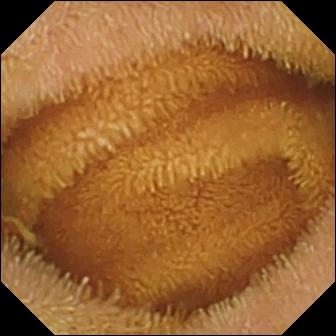{"modality": "small-bowel capsule endoscopy", "category": "luminal finding", "finding": "normal clean mucosa"}